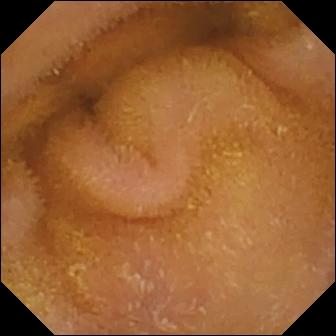{"modality": "wireless capsule endoscopy", "segment": "small intestine", "finding": "normal clean mucosa"}